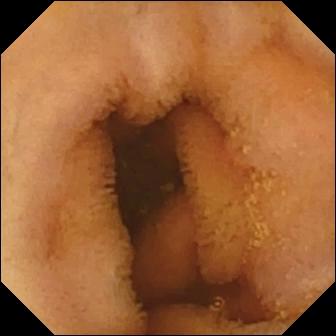- modality: VCE
- finding: normal clean mucosa